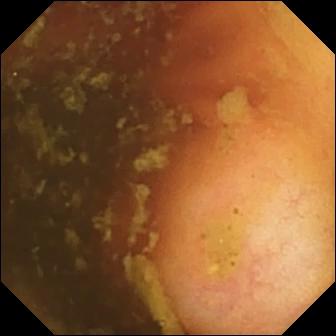- modality: WCE
- category: anatomical landmark
- location: ileo-cecal valve region (where the capsule passes from the small bowel into the large bowel)